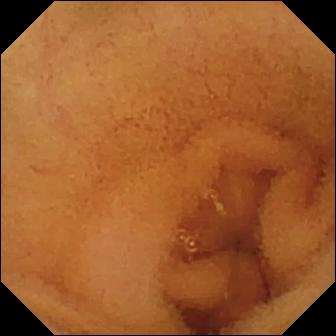Q: What does this small-bowel capsule endoscopy frame of the small intestine show?
A: Normal clean mucosa.